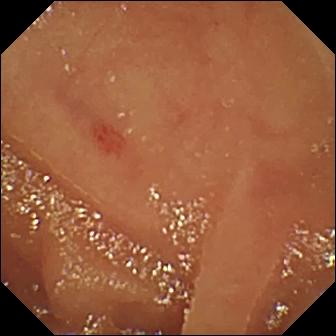{"modality": "small-bowel capsule endoscopy", "finding": "angiectasia"}